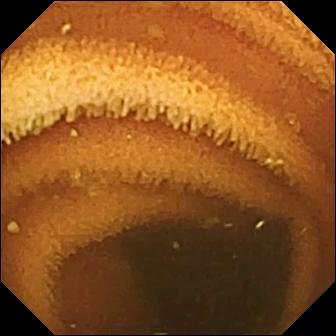modality: WCE; segment: small intestine; label: normal clean mucosa